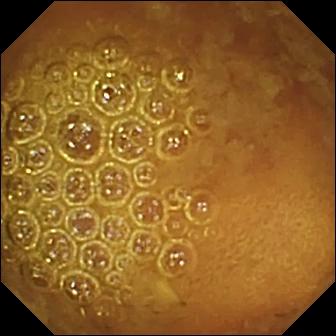PROCEDURE: Video capsule endoscopy.
FINDINGS: Reduced mucosal view (content or bubbles obscuring the mucosa).